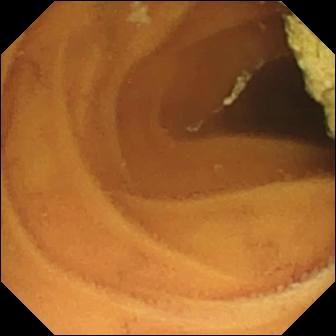Small-bowel capsule endoscopy image
Impression: normal clean mucosa